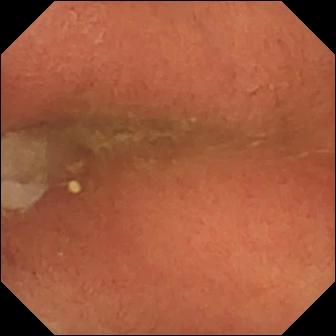WCE view
Video segment: pylorus region